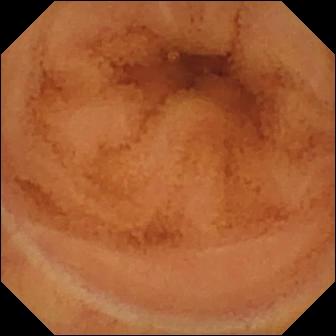Wireless capsule endoscopy snapshot showing normal clean mucosa.